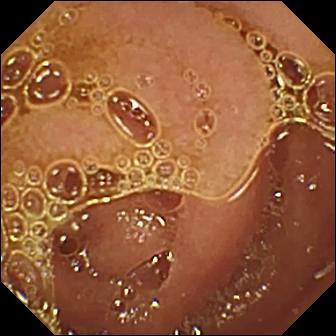Normal clean mucosa — wireless capsule endoscopy frame of the small bowel.